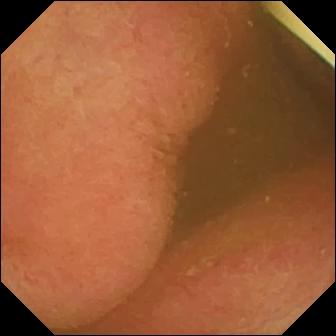WCE image
Finding: foreign body (e.g. retained capsule, tablet residue)